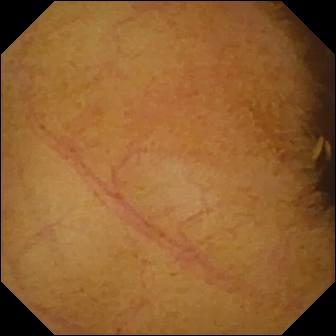Wireless capsule endoscopy. Small intestine. Luminal finding. Label: normal clean mucosa.